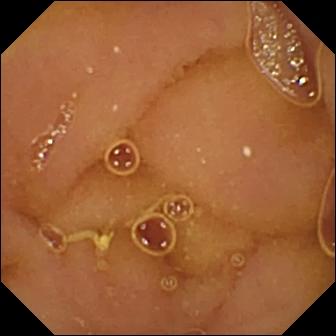Capsule endoscopy view. Normal clean mucosa.